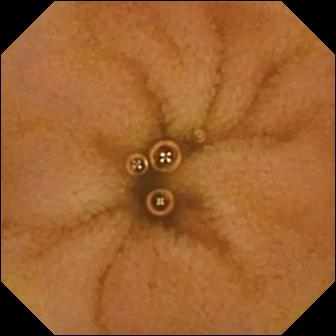Small-bowel capsule endoscopy image showing normal clean mucosa.